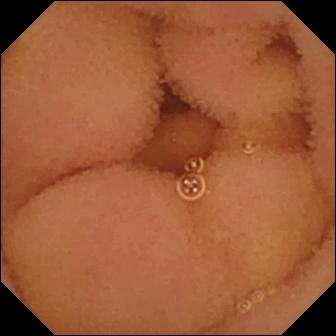- modality: small-bowel capsule endoscopy
- category: luminal finding
- finding: normal clean mucosa